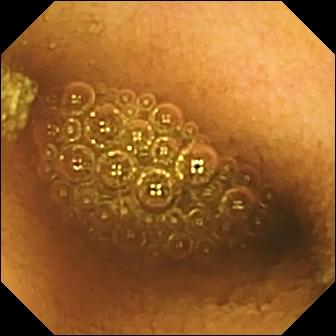This wireless capsule endoscopy view of the small intestine shows reduced mucosal view (content or bubbles obscuring the mucosa).